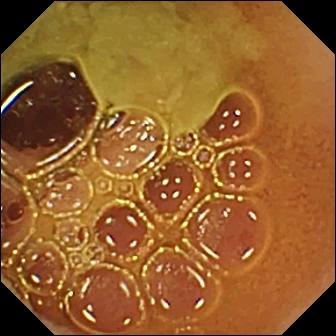{"modality": "wireless capsule endoscopy", "finding": "normal clean mucosa"}